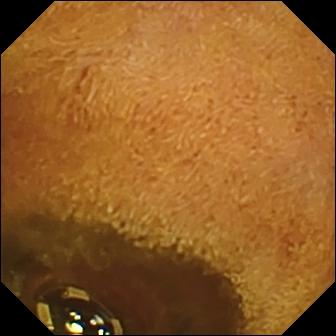PROCEDURE: Capsule endoscopy.
FINDINGS: Foreign body (e.g. retained capsule, tablet residue).